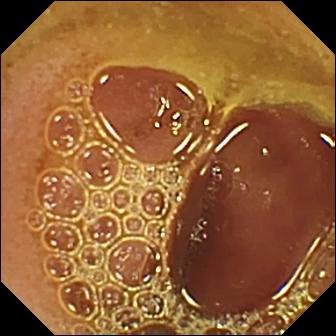PROCEDURE: WCE.
FINDINGS: Normal clean mucosa.